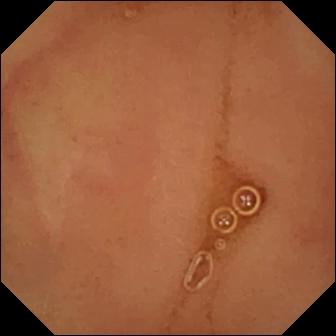Normal clean mucosa (336×336).